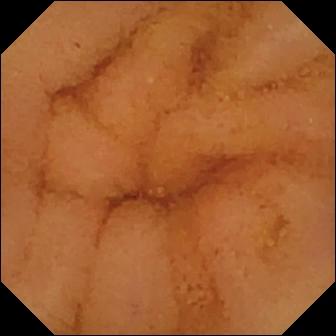PROCEDURE: Small-bowel capsule endoscopy.
FINDINGS: Normal clean mucosa.